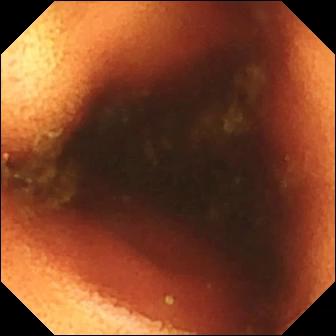PROCEDURE: WCE.
VIDEO SEGMENT: Ileo-cecal valve region (the transition from the small bowel to the large bowel).